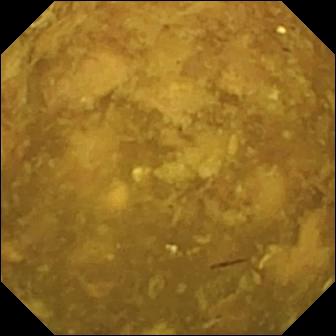Video capsule endoscopy snapshot
Label: reduced mucosal view (content or bubbles obscuring the mucosa)